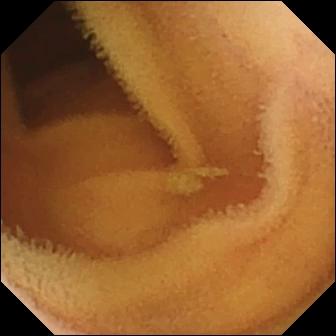- modality: small-bowel capsule endoscopy
- observation: normal clean mucosa